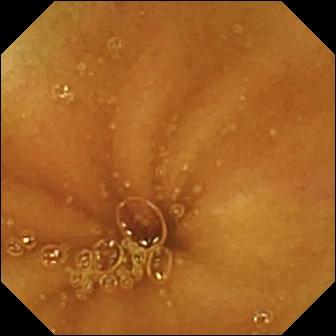Q: What does this small-bowel capsule endoscopy frame of the small intestine show?
A: Normal clean mucosa.